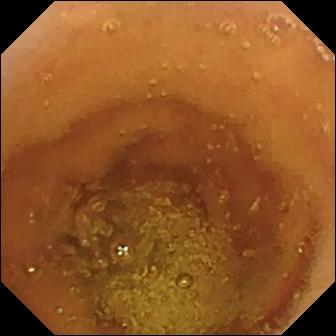PROCEDURE: Capsule endoscopy.
SEGMENT: Small bowel.
FINDINGS: Normal clean mucosa.